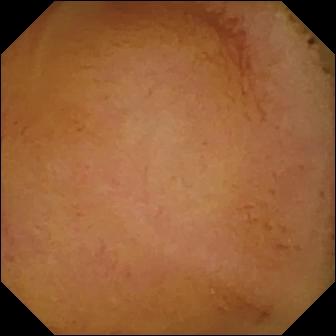Video capsule endoscopy still of the small bowel showing normal clean mucosa.